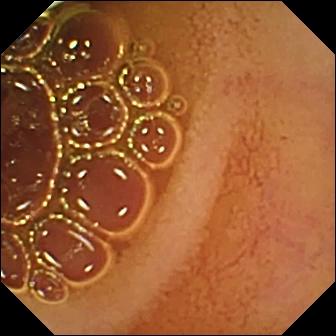modality: video capsule endoscopy | segment: small intestine | category: luminal finding | impression: normal clean mucosa